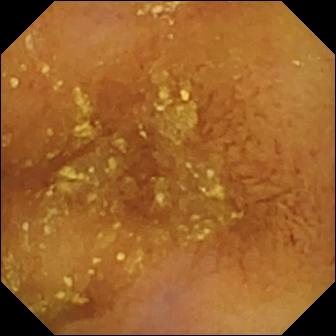- modality: small-bowel capsule endoscopy
- segment: small intestine
- category: luminal finding
- impression: normal clean mucosa